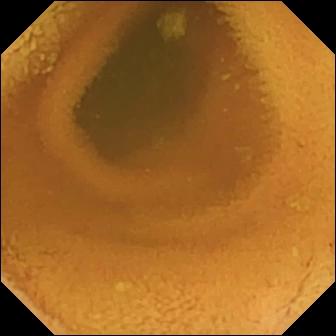Small-bowel capsule endoscopy view, small bowel
Finding: normal clean mucosa